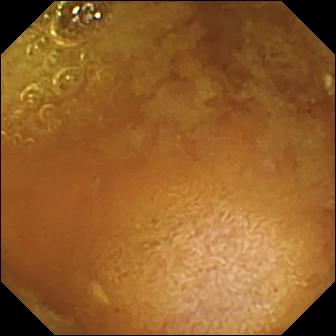Video capsule endoscopy. Label: reduced mucosal view (content or bubbles obscuring the mucosa).